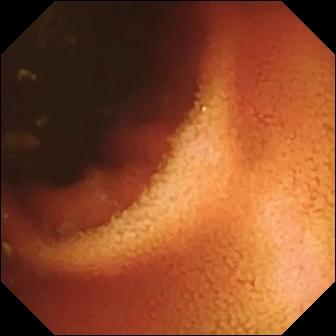{"modality": "small-bowel capsule endoscopy", "label": "ileo-cecal valve region (the transition from the small bowel to the large bowel)"}